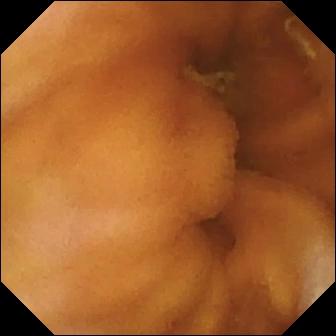Normal clean mucosa.